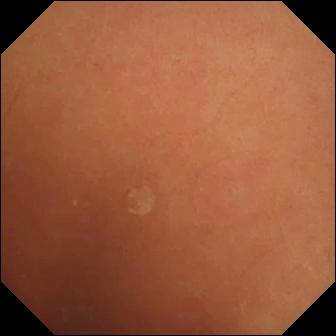VCE image showing normal clean mucosa.